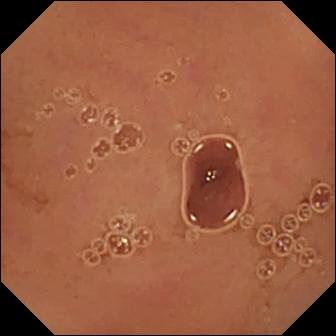This small-bowel capsule endoscopy image shows normal clean mucosa.